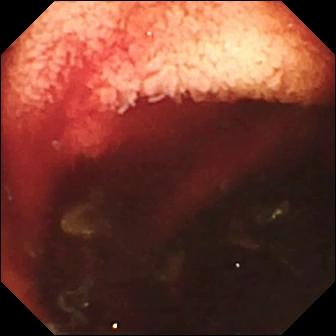Fresh blood in the lumen.